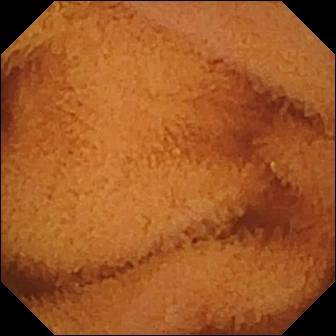Capsule endoscopy. Small intestine. Luminal finding. Observation: normal clean mucosa.